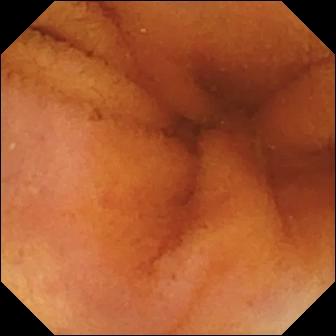Normal clean mucosa — WCE view.